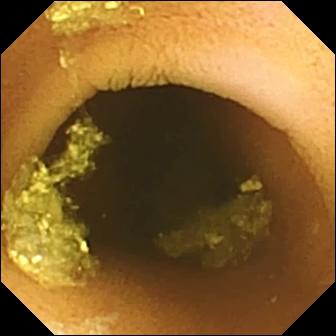PROCEDURE: Capsule endoscopy.
FINDINGS: Normal clean mucosa.